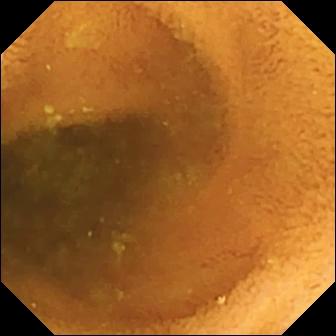Small-bowel capsule endoscopy. Observation: normal clean mucosa.